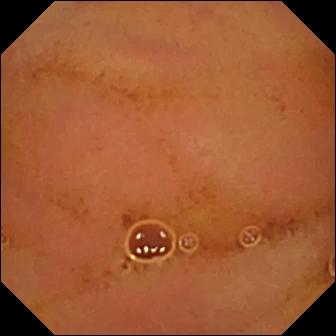PROCEDURE: VCE.
SEGMENT: Small bowel.
FINDINGS: Normal clean mucosa.